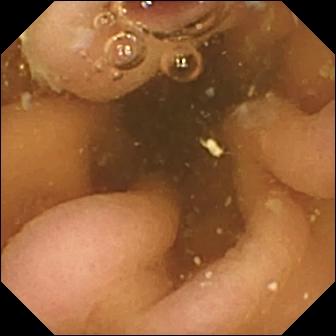Capsule endoscopy frame. Taken in the pylorus region.